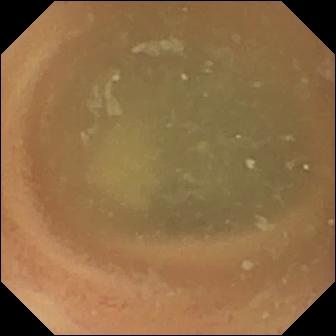modality: video capsule endoscopy
impression: normal clean mucosa